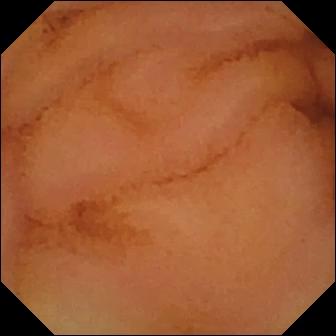Normal clean mucosa.